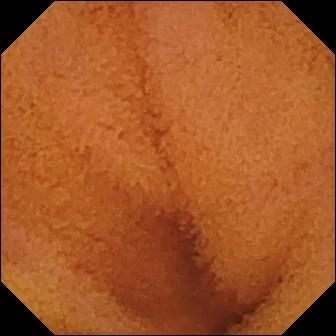WCE frame showing normal clean mucosa.